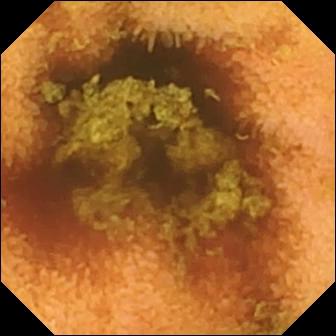Normal clean mucosa — small-bowel capsule endoscopy frame.